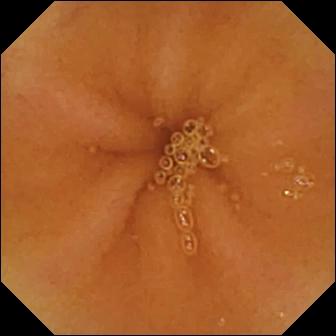This small-bowel capsule endoscopy still of the small bowel shows normal clean mucosa.